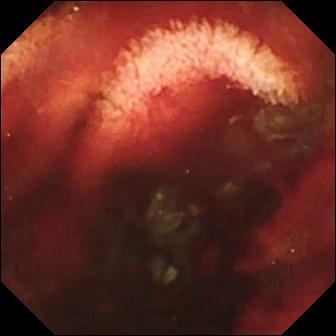Q: What does this capsule endoscopy frame show?
A: Fresh blood in the lumen.